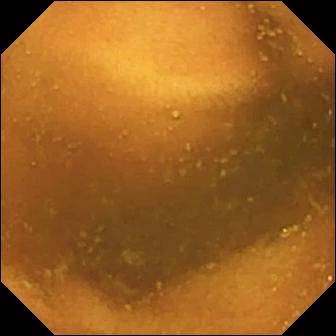modality: VCE | segment: small bowel | finding: normal clean mucosa